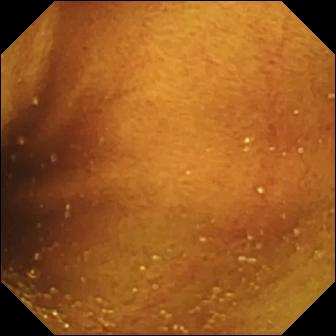Wireless capsule endoscopy. Video segment: ileo-cecal valve region (where the capsule passes from the small bowel into the large bowel).